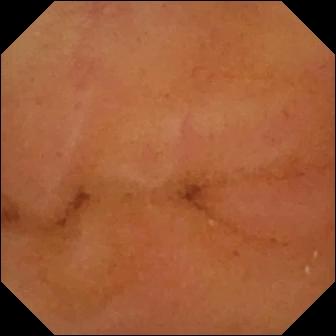Normal clean mucosa — video capsule endoscopy still of the small intestine.